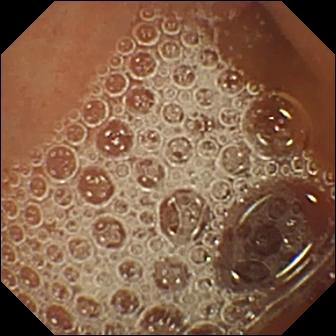VCE. Finding: normal clean mucosa.